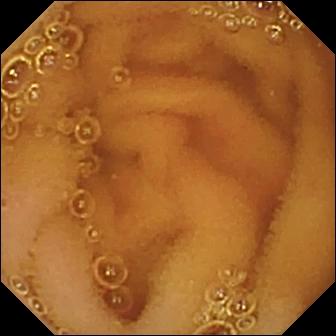This capsule endoscopy snapshot of the small bowel shows normal clean mucosa.